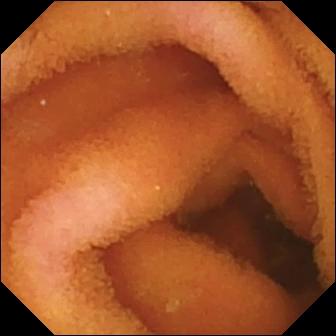Normal clean mucosa (336×336).